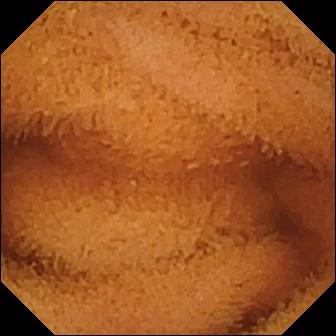This VCE view of the small bowel shows normal clean mucosa.